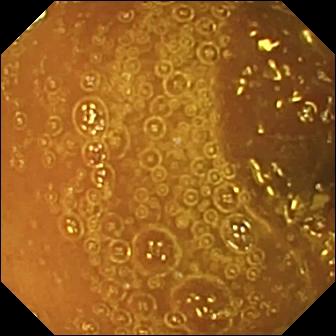PROCEDURE: Video capsule endoscopy.
SEGMENT: Small intestine.
FINDINGS: Normal clean mucosa.